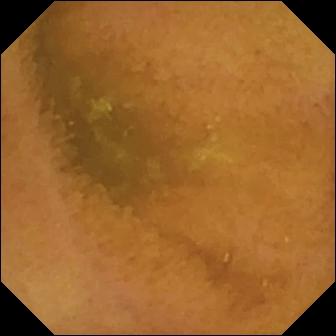Wireless capsule endoscopy. Finding: normal clean mucosa.